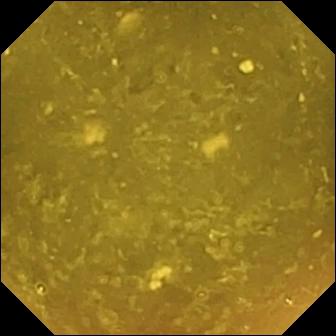Reduced mucosal view (content or bubbles obscuring the mucosa) (336×336).